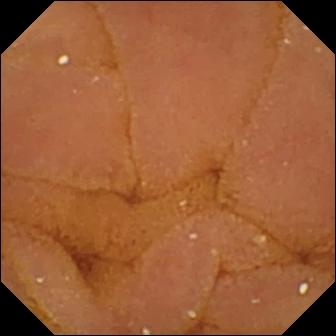{"modality": "small-bowel capsule endoscopy", "segment": "small intestine", "finding": "normal clean mucosa"}